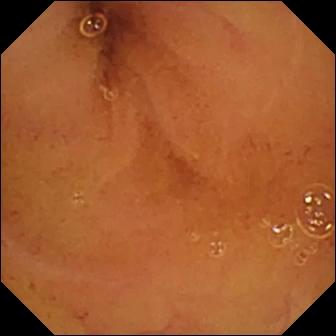Video capsule endoscopy view (small intestine). Normal clean mucosa.